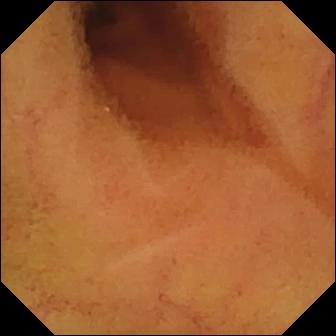Normal clean mucosa — WCE snapshot.